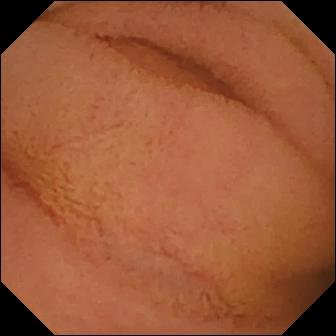Normal clean mucosa.